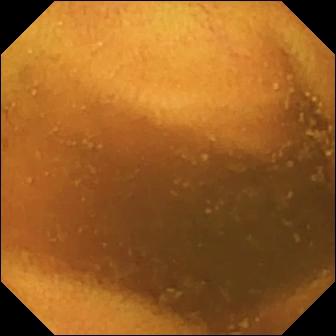This WCE snapshot of the small intestine shows normal clean mucosa.